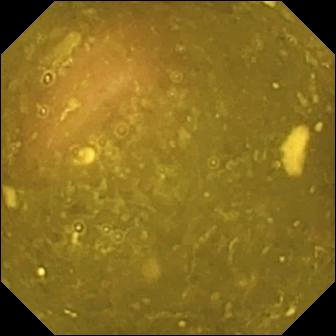Ileo-cecal valve region, 336×336.